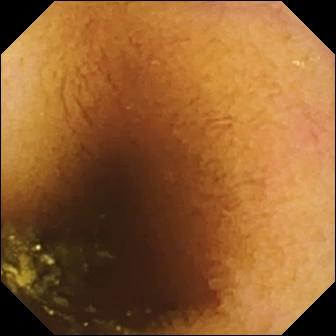Normal clean mucosa.